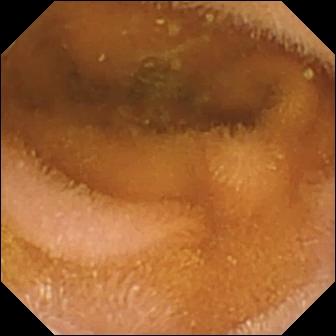This small-bowel capsule endoscopy snapshot of the small intestine shows normal clean mucosa.